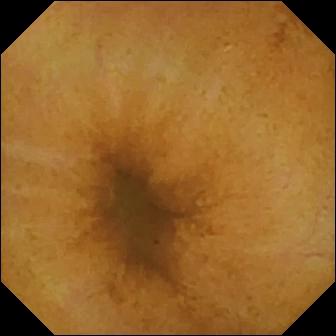Small-bowel capsule endoscopy snapshot, 336×336. Normal clean mucosa.